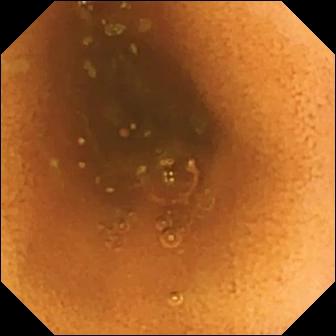{"modality": "small-bowel capsule endoscopy", "finding": "normal clean mucosa"}